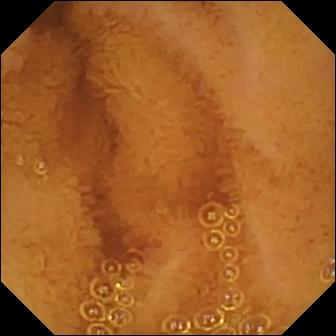- modality: wireless capsule endoscopy
- segment: small intestine
- finding: normal clean mucosa